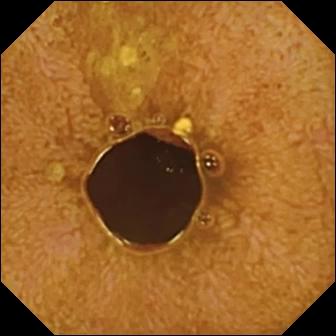Capsule endoscopy — ileo-cecal valve region (where the capsule passes from the small bowel into the large bowel).